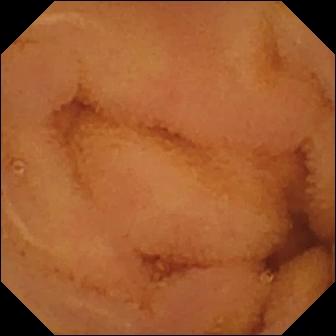WCE frame
Impression: normal clean mucosa